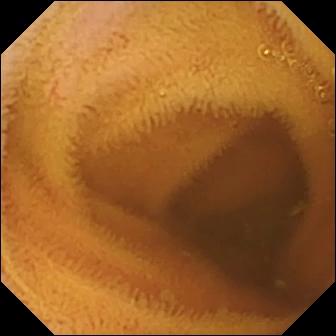Video capsule endoscopy frame (small intestine). Normal clean mucosa.